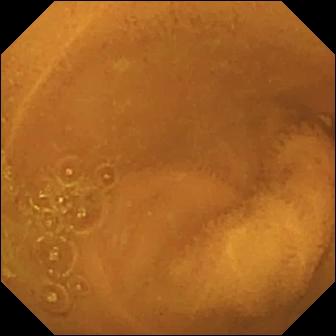Normal clean mucosa.